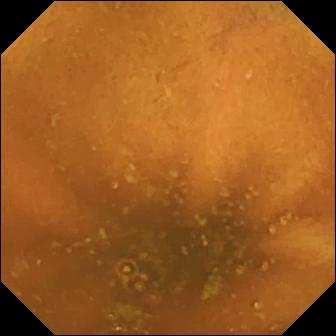This small-bowel capsule endoscopy view shows normal clean mucosa.